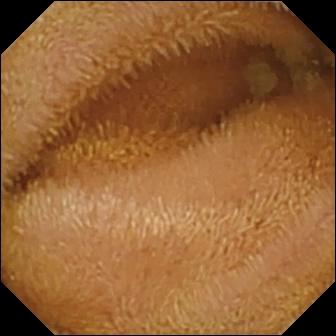{"modality": "wireless capsule endoscopy", "segment": "small bowel", "category": "luminal finding", "finding": "normal clean mucosa"}